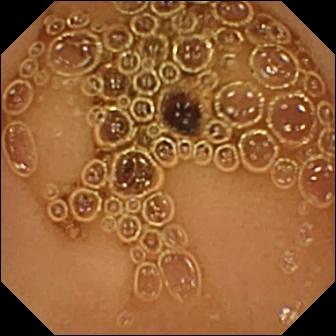Normal clean mucosa (336×336).